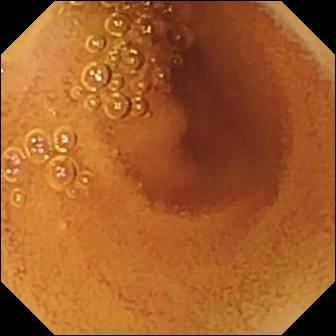Normal clean mucosa.